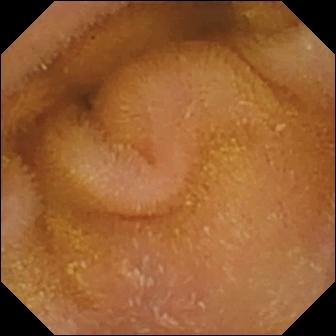Wireless capsule endoscopy. Luminal finding. Observation: normal clean mucosa.